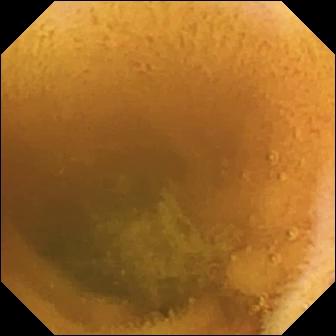VCE view showing normal clean mucosa.